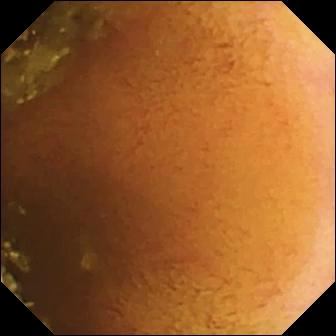Normal clean mucosa — VCE image of the small intestine.